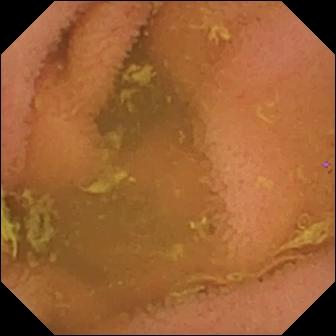- modality: capsule endoscopy
- observation: normal clean mucosa